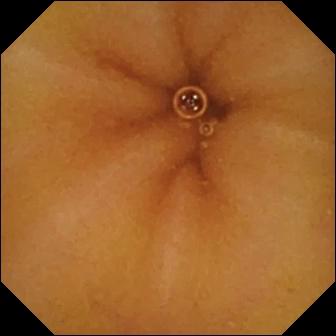Q: What does this video capsule endoscopy view of the small intestine show?
A: Normal clean mucosa.